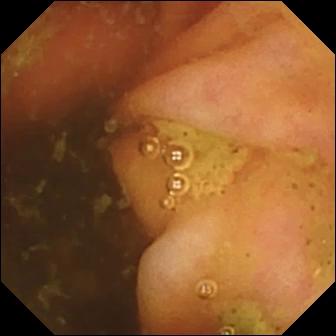Q: Where in the digestive tract was this wireless capsule endoscopy view taken?
A: Ileo-cecal valve region.